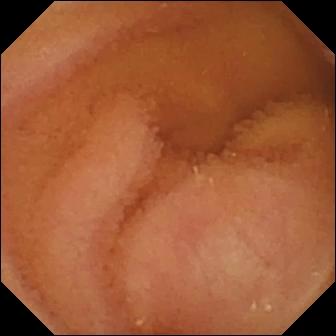Wireless capsule endoscopy — normal clean mucosa.